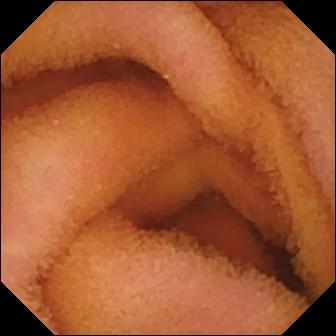VCE still, small intestine
Impression: normal clean mucosa